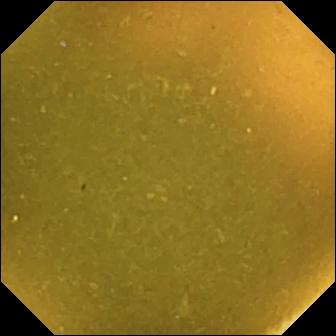Capsule endoscopy still
Video segment: ileo-cecal valve region (the transition from the small bowel to the large bowel)